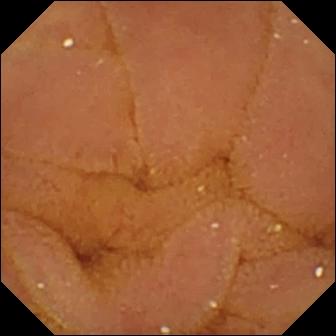Wireless capsule endoscopy frame (small intestine). Normal clean mucosa.